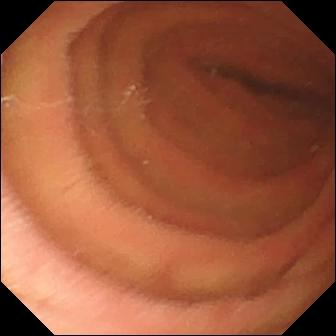{"modality": "WCE", "category": "anatomical landmark", "label": "pylorus region"}